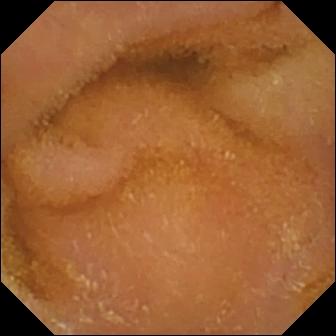modality: wireless capsule endoscopy
segment: small intestine
finding: normal clean mucosa